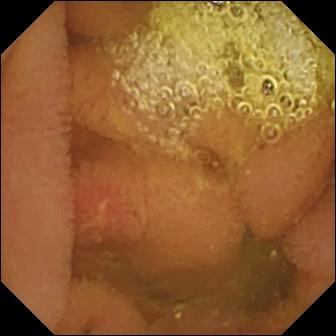WCE. Impression: erosion.